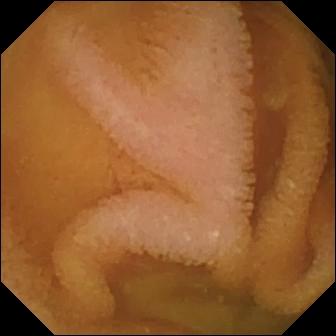Capsule endoscopy — normal clean mucosa.